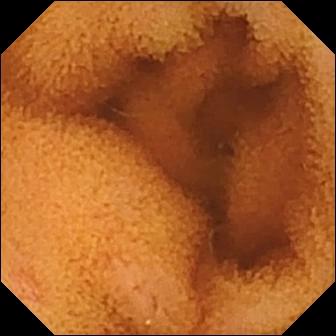Capsule endoscopy — normal clean mucosa.